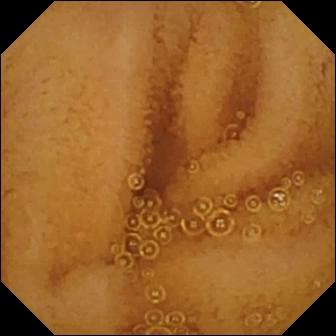- modality: small-bowel capsule endoscopy
- label: normal clean mucosa